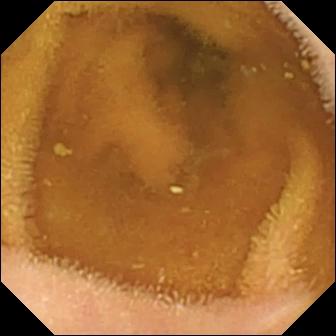Small-bowel capsule endoscopy. Small intestine. Observation: normal clean mucosa.